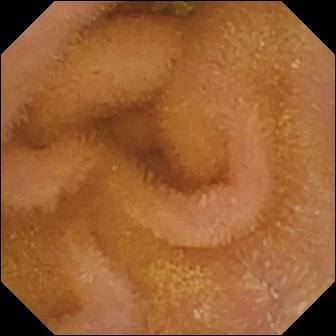WCE still (small intestine). Normal clean mucosa.